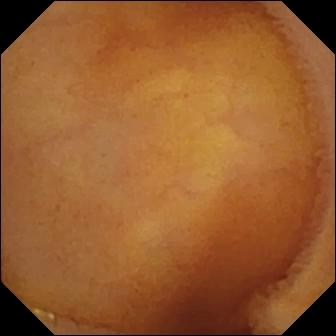VCE. Small intestine. Label: normal clean mucosa.